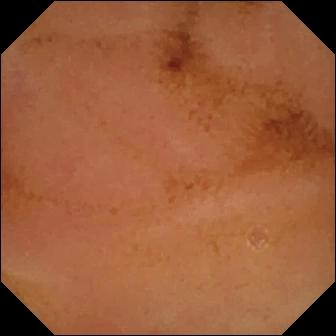Q: What does this WCE frame of the small intestine show?
A: Normal clean mucosa.